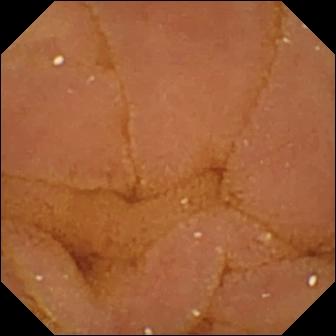Normal clean mucosa — video capsule endoscopy still.